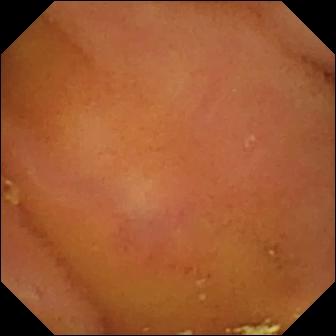Video capsule endoscopy frame, small intestine
Finding: normal clean mucosa